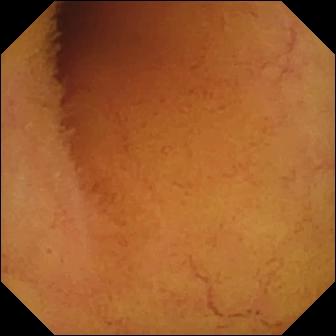Q: What does this VCE frame show?
A: Normal clean mucosa.